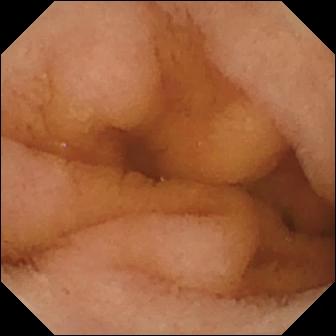Normal clean mucosa (336×336).